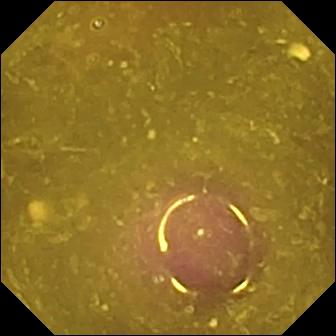- modality: WCE
- impression: reduced mucosal view (content or bubbles obscuring the mucosa)